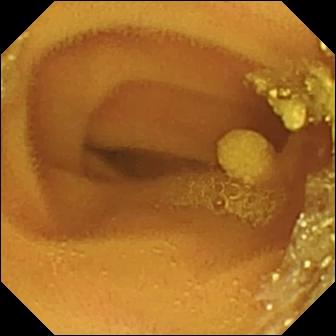This capsule endoscopy snapshot shows lymphangiectasia.